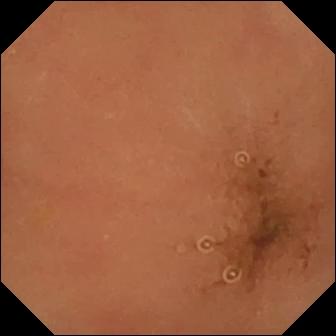Capsule endoscopy frame
Finding: normal clean mucosa